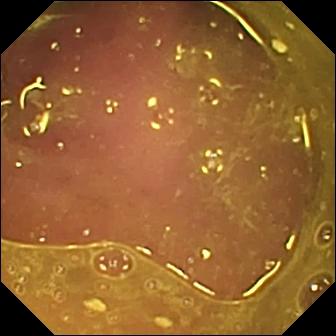WCE — reduced mucosal view (content or bubbles obscuring the mucosa).